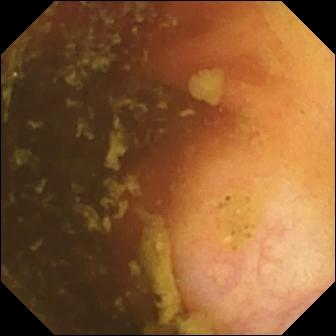Q: Where in the digestive tract was this capsule endoscopy frame taken?
A: Ileo-cecal valve region.